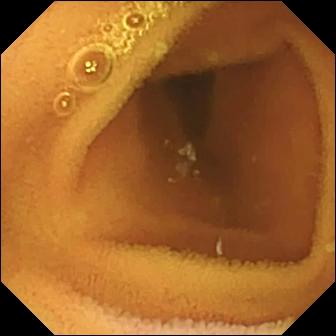Small-bowel capsule endoscopy — normal clean mucosa.